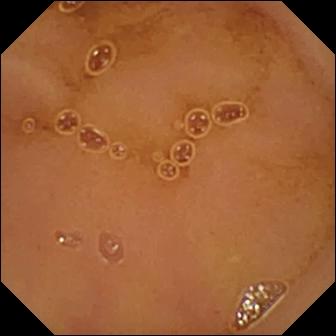Capsule endoscopy. Small intestine. Impression: normal clean mucosa.